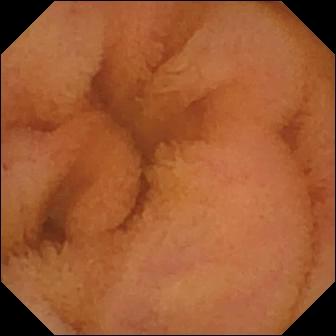modality: wireless capsule endoscopy | segment: small intestine | observation: normal clean mucosa